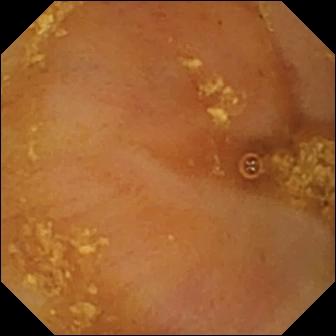Ileo-cecal valve region (where the capsule passes from the small bowel into the large bowel) — wireless capsule endoscopy frame.